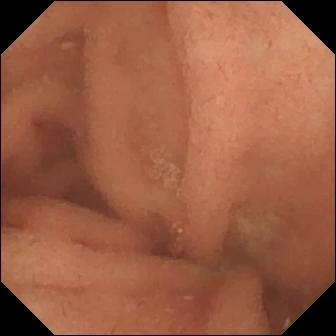- modality: WCE
- segment: small bowel
- category: luminal finding
- observation: normal clean mucosa